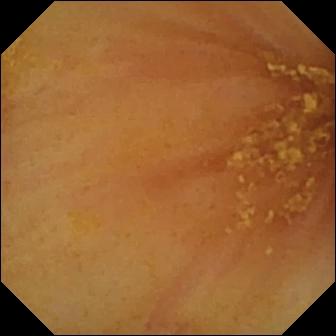Small-bowel capsule endoscopy frame, 336×336. Taken in the ileo-cecal valve region.